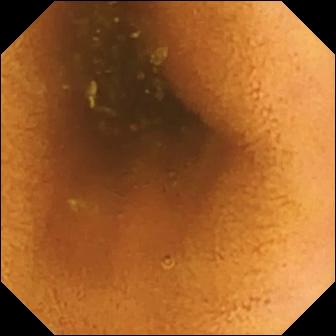WCE view showing normal clean mucosa.